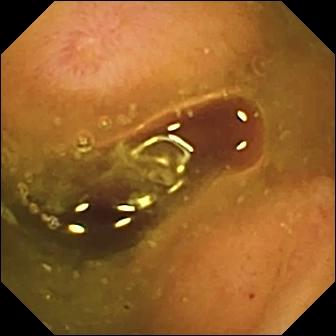- modality: video capsule endoscopy
- finding: erosion